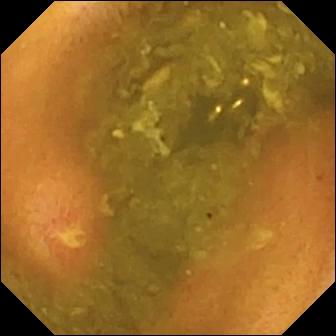Wireless capsule endoscopy frame showing ulcer.